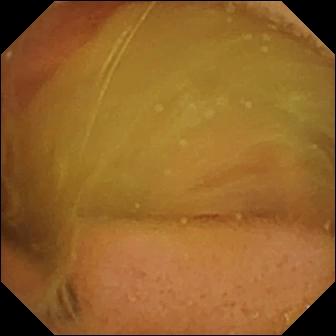This WCE frame shows normal clean mucosa.